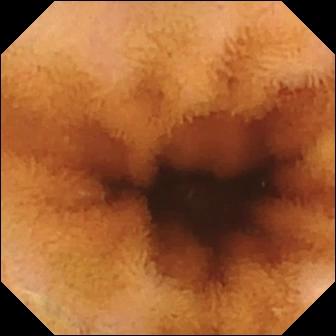Normal clean mucosa.